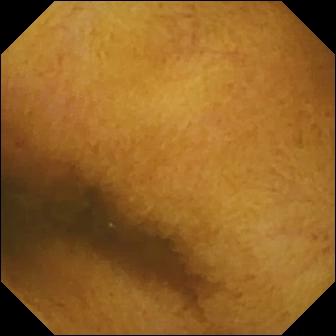Video capsule endoscopy frame showing normal clean mucosa.